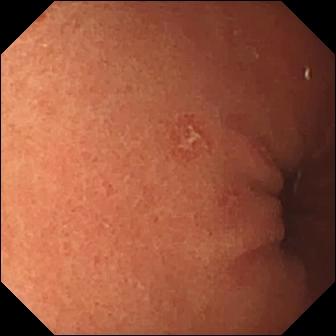modality: VCE | label: erosion